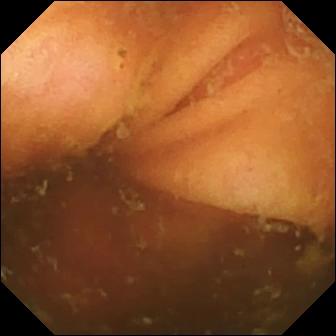Q: Where in the digestive tract was this WCE image taken?
A: Ileo-cecal valve region.